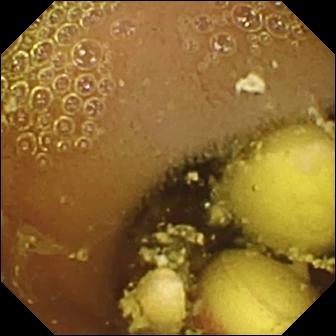Q: What does this WCE still show?
A: Foreign body (e.g. retained capsule, tablet residue).